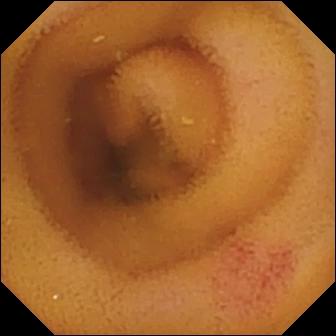modality: wireless capsule endoscopy; category: luminal finding; observation: angiectasia